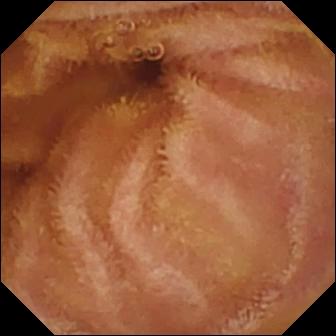VCE image (small bowel), 336×336. Normal clean mucosa.